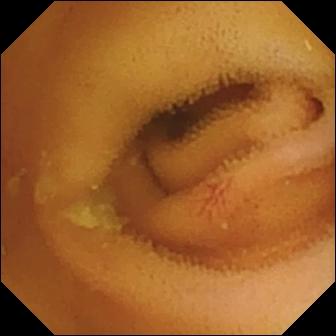- modality: small-bowel capsule endoscopy
- impression: angiectasia